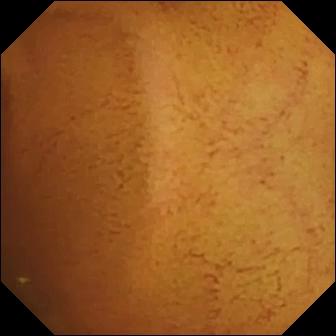WCE still
Finding: normal clean mucosa